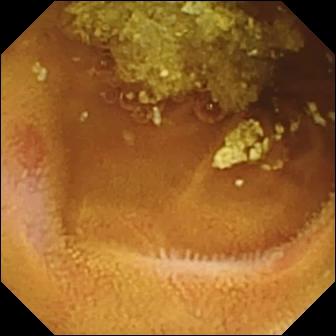Erosion.